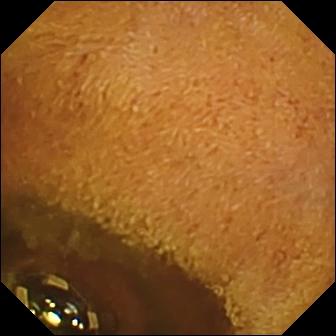Q: What does this small-bowel capsule endoscopy view show?
A: Foreign body (e.g. retained capsule, tablet residue).